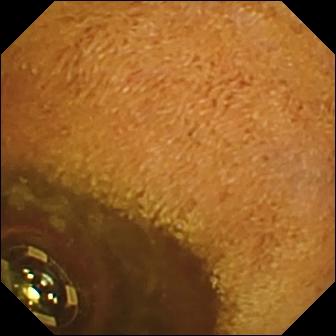PROCEDURE: Capsule endoscopy.
FINDINGS: Foreign body (e.g. retained capsule, tablet residue).